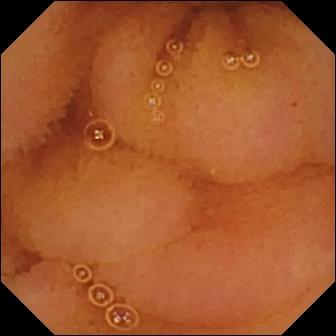Normal clean mucosa.